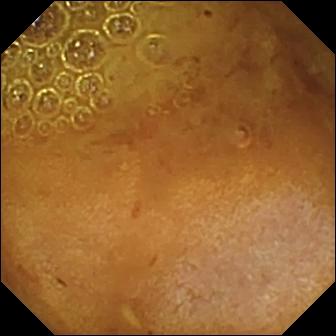Capsule endoscopy still of the small bowel showing reduced mucosal view (content or bubbles obscuring the mucosa).